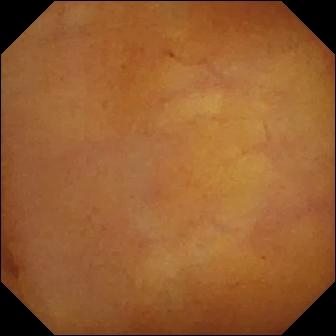PROCEDURE: Video capsule endoscopy.
SEGMENT: Small intestine.
FINDINGS: Normal clean mucosa.